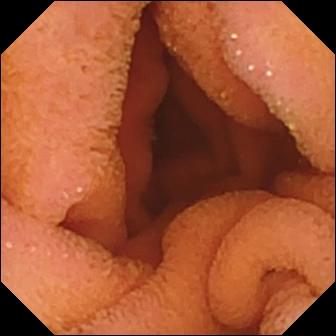VCE — normal clean mucosa.